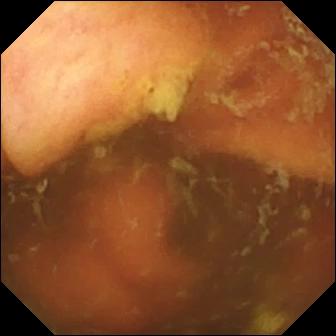- modality: small-bowel capsule endoscopy
- location: ileo-cecal valve region